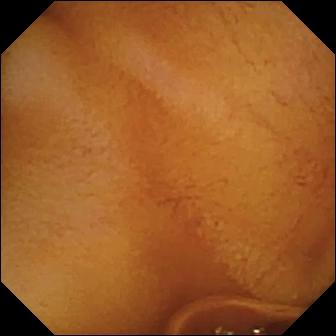Q: What does this WCE still of the small intestine show?
A: Normal clean mucosa.